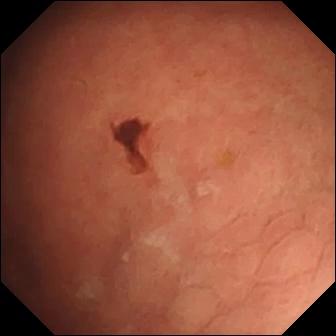{"modality": "capsule endoscopy", "finding": "angiectasia"}